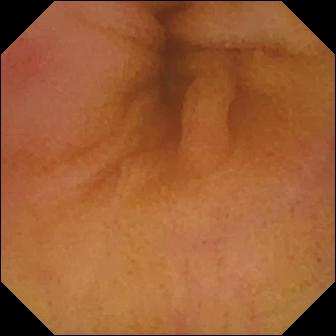VCE image. Erythema (mucosal redness).